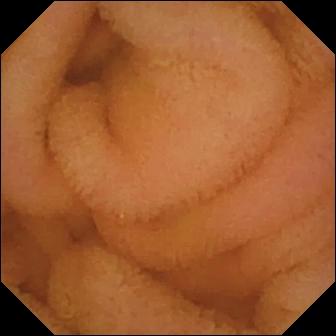WCE still showing normal clean mucosa.